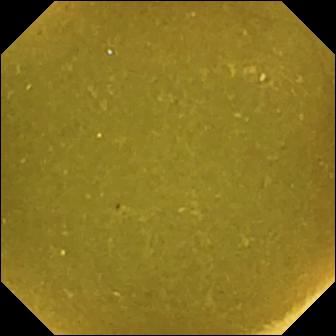Ileo-cecal valve region (where the capsule passes from the small bowel into the large bowel), 336×336.